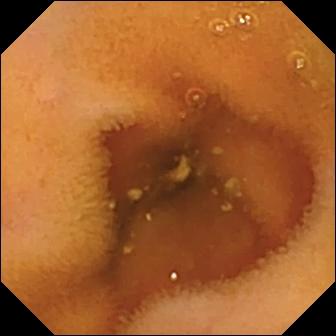modality: wireless capsule endoscopy | segment: small bowel | impression: normal clean mucosa